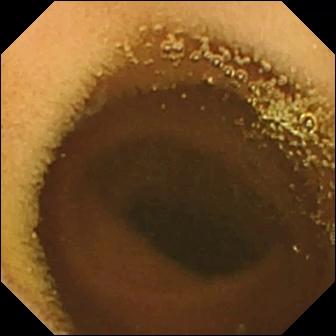Q: What does this video capsule endoscopy snapshot show?
A: Normal clean mucosa.